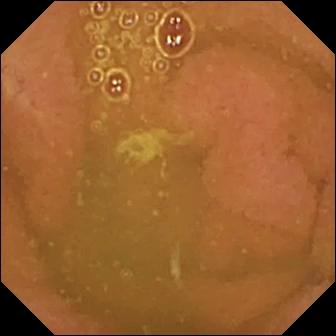Capsule endoscopy still
Finding: normal clean mucosa